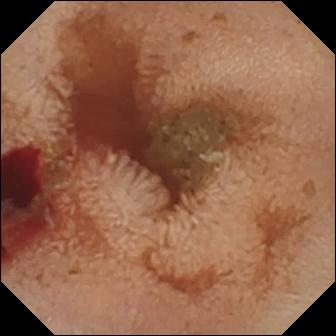Q: What does this video capsule endoscopy still show?
A: Fresh blood in the lumen.